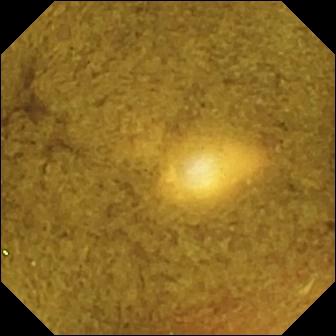WCE. Label: ileo-cecal valve region.